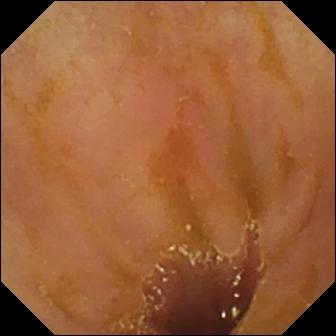Small-bowel capsule endoscopy — ileo-cecal valve region (the transition from the small bowel to the large bowel).